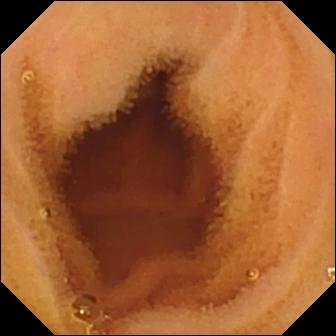PROCEDURE: Small-bowel capsule endoscopy.
SEGMENT: Small intestine.
FINDINGS: Normal clean mucosa.